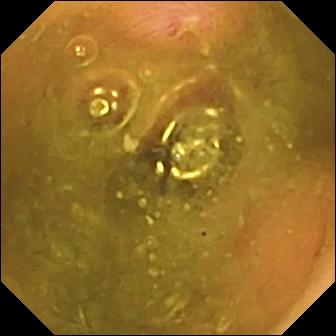Small-bowel capsule endoscopy. Impression: erosion.